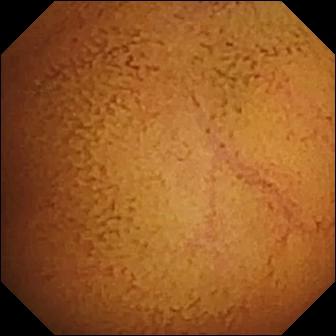{"modality": "VCE", "finding": "normal clean mucosa"}